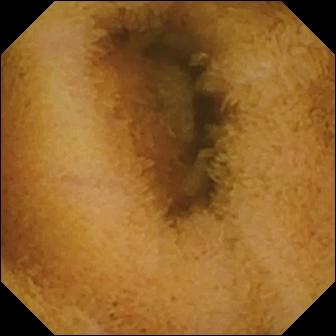WCE image
Finding: normal clean mucosa